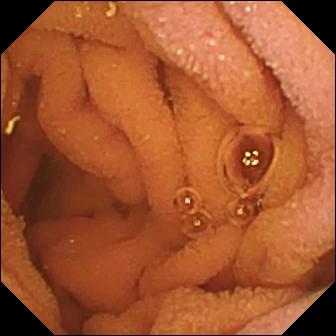Video capsule endoscopy — normal clean mucosa.